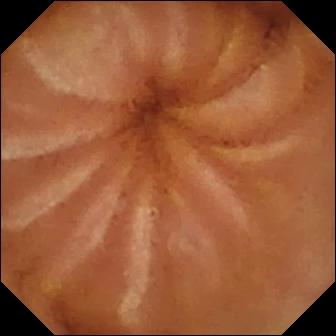VCE snapshot showing normal clean mucosa.